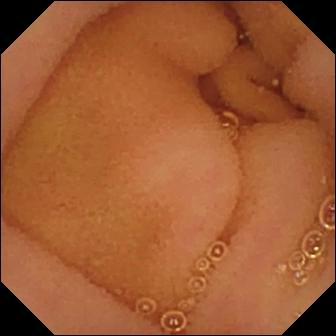Small-bowel capsule endoscopy image. Normal clean mucosa.